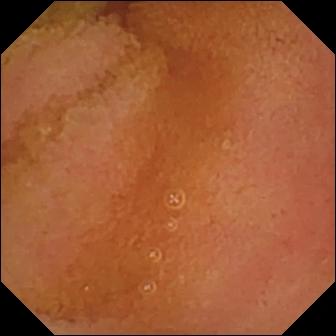Q: What does this small-bowel capsule endoscopy view of the small intestine show?
A: Normal clean mucosa.